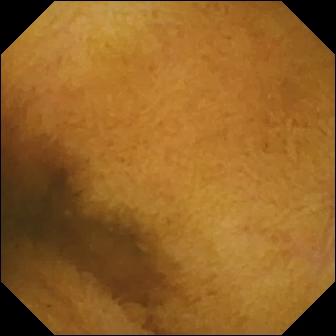Q: What does this WCE still show?
A: Normal clean mucosa.